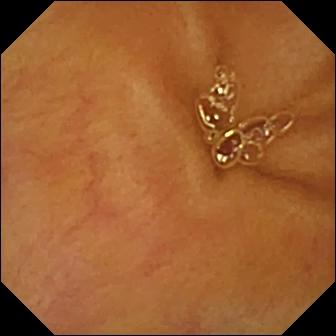modality: VCE
segment: small intestine
category: luminal finding
label: normal clean mucosa